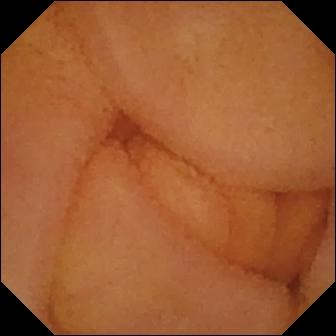- modality: WCE
- category: luminal finding
- observation: normal clean mucosa